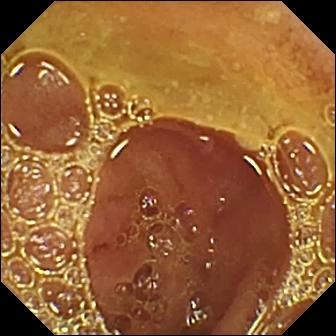Q: What does this wireless capsule endoscopy snapshot of the small intestine show?
A: Normal clean mucosa.